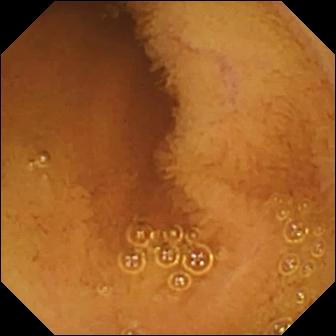Video capsule endoscopy — normal clean mucosa.